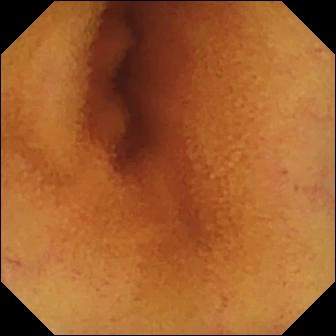modality: video capsule endoscopy | impression: normal clean mucosa